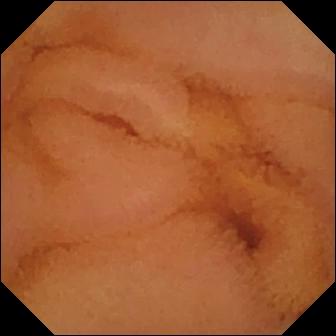Small-bowel capsule endoscopy — normal clean mucosa.